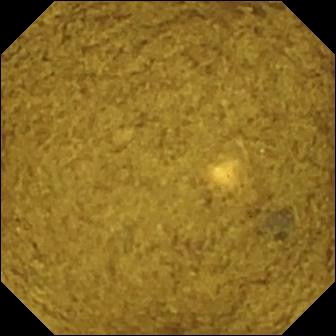WCE. Label: ileo-cecal valve region (the transition from the small bowel to the large bowel).